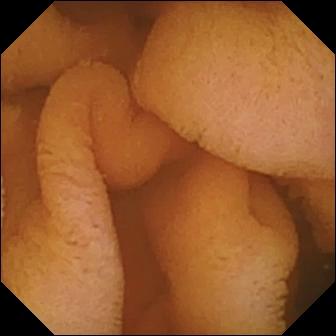Video capsule endoscopy — normal clean mucosa.